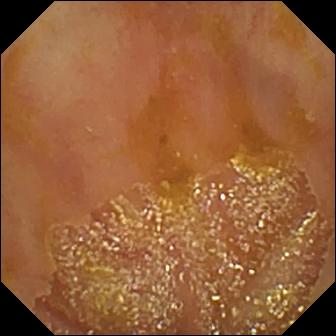Q: Where in the digestive tract was this capsule endoscopy still taken?
A: Ileo-cecal valve region.